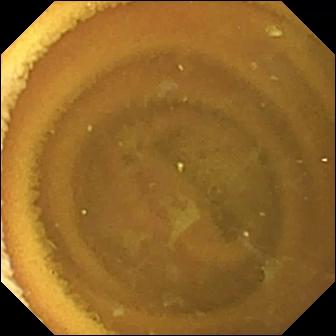- modality: small-bowel capsule endoscopy
- observation: normal clean mucosa